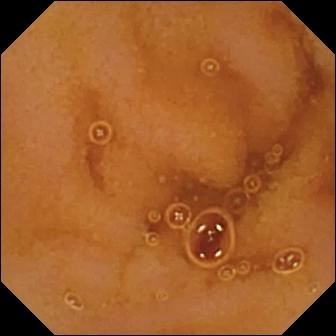PROCEDURE: Wireless capsule endoscopy.
SEGMENT: Small bowel.
FINDINGS: Normal clean mucosa.